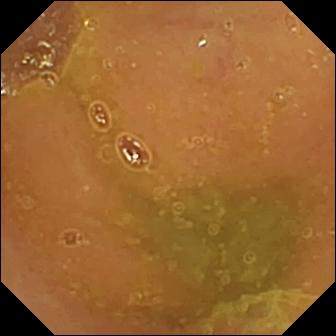VCE. Luminal finding. Label: normal clean mucosa.